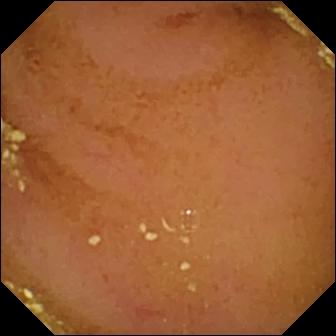Video capsule endoscopy frame showing normal clean mucosa.